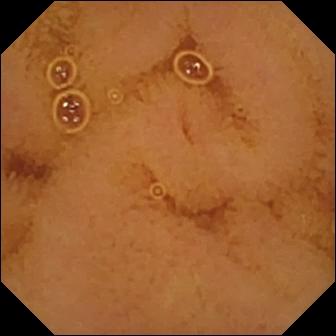Q: What does this WCE snapshot of the small bowel show?
A: Normal clean mucosa.